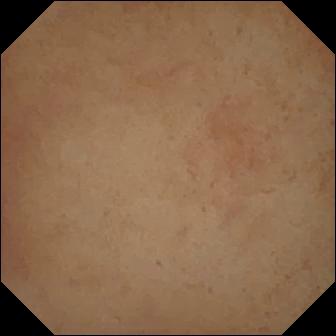Small-bowel capsule endoscopy. Label: pylorus region (where the capsule passes from the stomach into the small bowel).